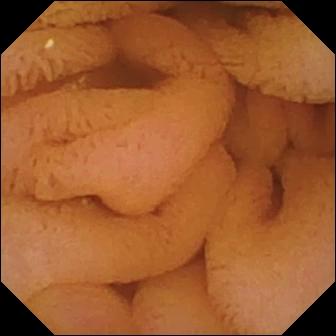Normal clean mucosa — small-bowel capsule endoscopy snapshot of the small bowel.